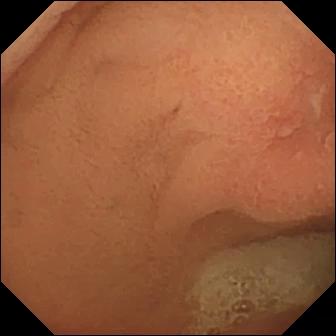Wireless capsule endoscopy frame showing erosion.